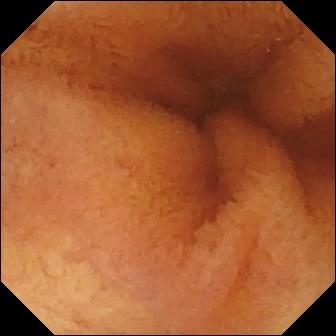modality: video capsule endoscopy
observation: normal clean mucosa